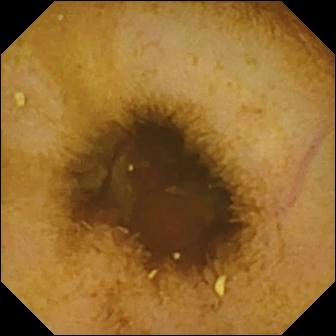Wireless capsule endoscopy still, small bowel
Finding: normal clean mucosa